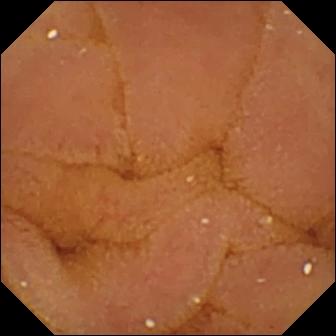Q: What does this video capsule endoscopy frame show?
A: Normal clean mucosa.